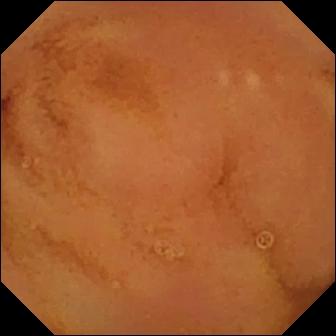Normal clean mucosa — VCE frame.